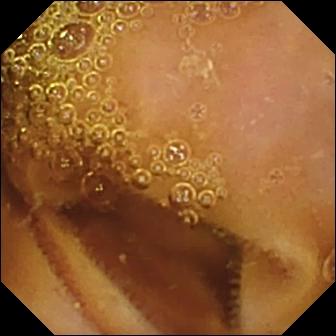Normal clean mucosa — wireless capsule endoscopy still.